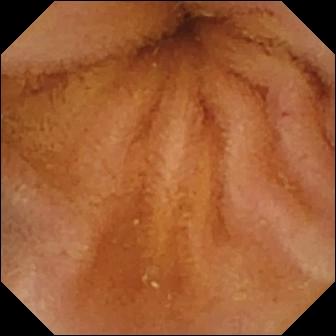Capsule endoscopy snapshot. Normal clean mucosa.